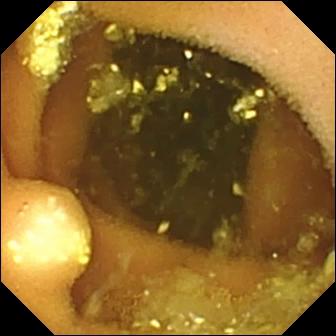This capsule endoscopy still shows lymphangiectasia.